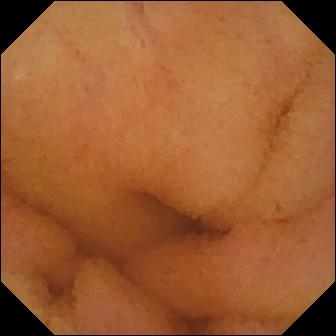VCE. Luminal finding. Observation: normal clean mucosa.